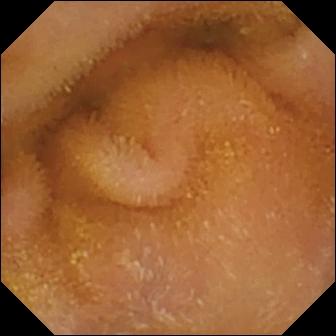VCE image showing normal clean mucosa.